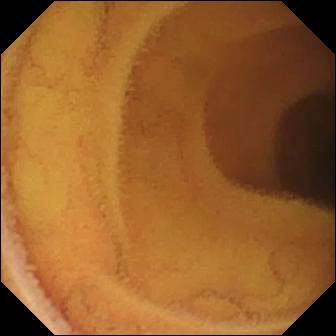- modality: small-bowel capsule endoscopy
- segment: small bowel
- category: luminal finding
- observation: normal clean mucosa